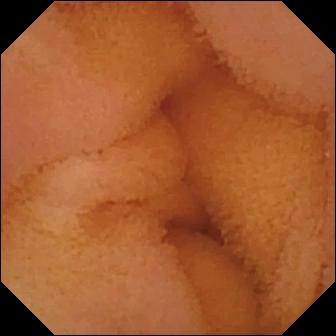Wireless capsule endoscopy frame, small intestine
Label: normal clean mucosa